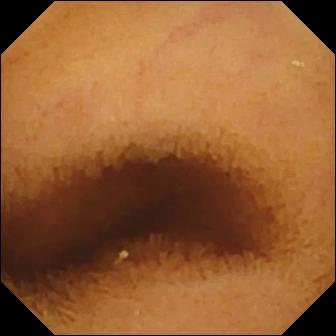Normal clean mucosa — video capsule endoscopy still.